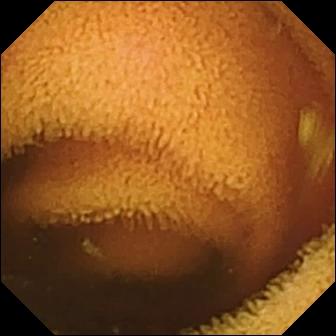- modality: video capsule endoscopy
- segment: small bowel
- impression: normal clean mucosa